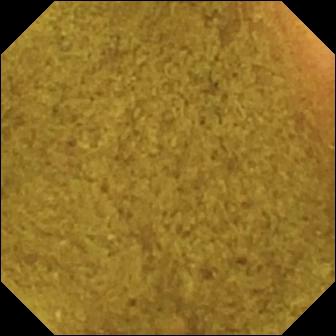VCE still taken in the ileo-cecal valve region.